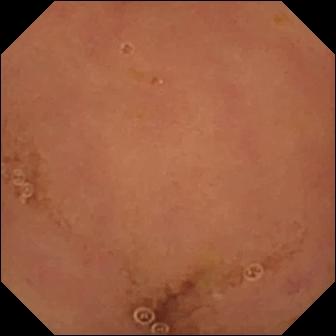PROCEDURE: Video capsule endoscopy.
SEGMENT: Small bowel.
FINDINGS: Normal clean mucosa.